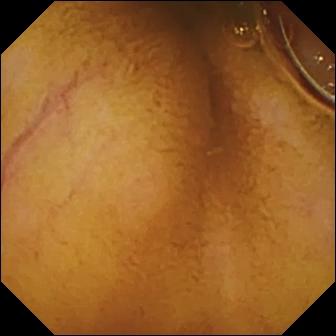Small-bowel capsule endoscopy image
Impression: normal clean mucosa